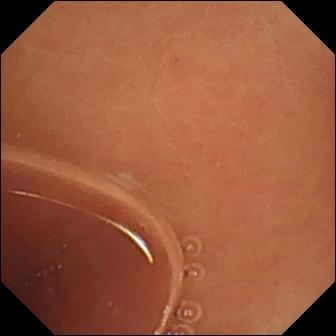Capsule endoscopy frame. Normal clean mucosa.